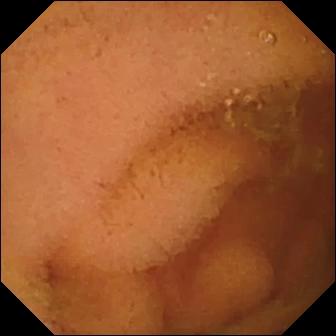This VCE image shows normal clean mucosa.